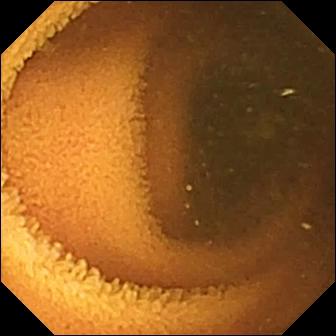VCE — normal clean mucosa.